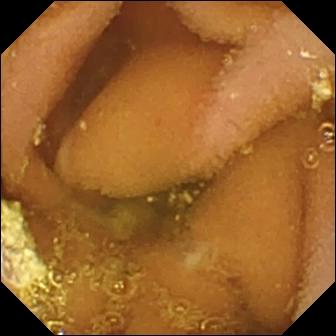Lymphangiectasia (336×336).